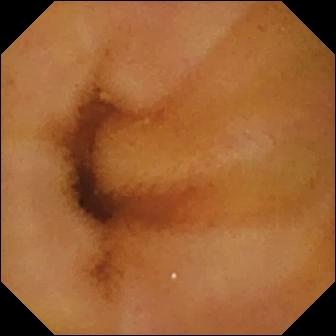- modality: VCE
- segment: small bowel
- finding: normal clean mucosa